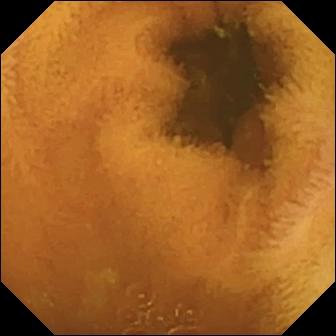Normal clean mucosa — video capsule endoscopy snapshot.